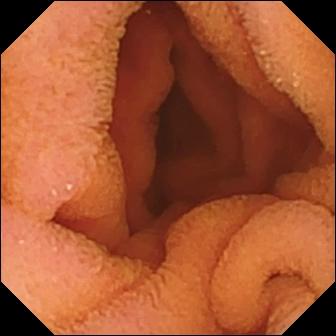VCE. Small intestine. Observation: normal clean mucosa.